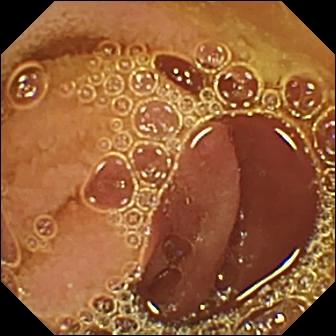Normal clean mucosa — video capsule endoscopy image of the small intestine.